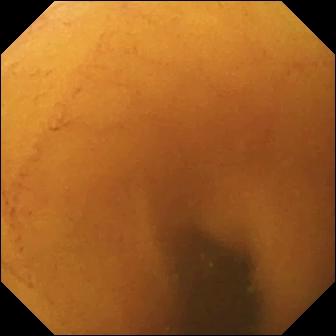Capsule endoscopy. Small bowel. Luminal finding. Label: normal clean mucosa.